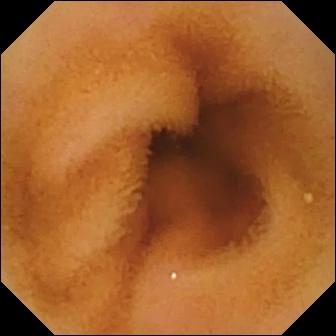This video capsule endoscopy snapshot of the small bowel shows normal clean mucosa.